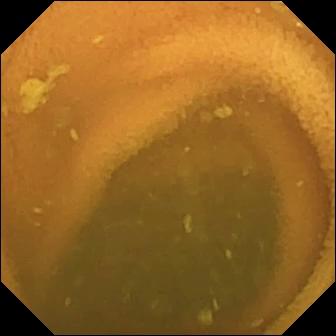Small-bowel capsule endoscopy image, small bowel
Label: normal clean mucosa